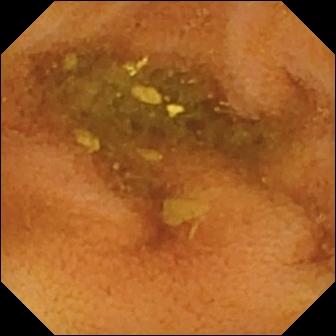PROCEDURE: WCE.
SEGMENT: Small bowel.
FINDINGS: Normal clean mucosa.